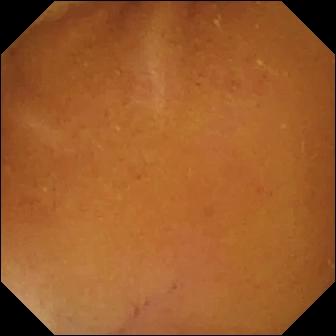Q: What does this WCE frame of the small bowel show?
A: Normal clean mucosa.